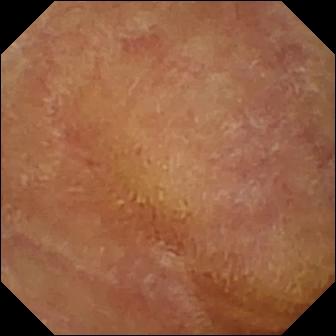modality: capsule endoscopy
category: luminal finding
finding: normal clean mucosa